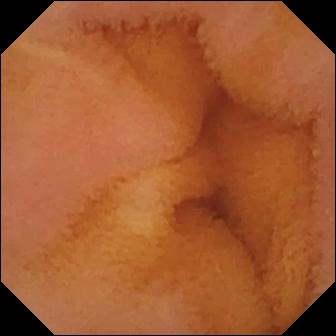Wireless capsule endoscopy frame
Observation: normal clean mucosa